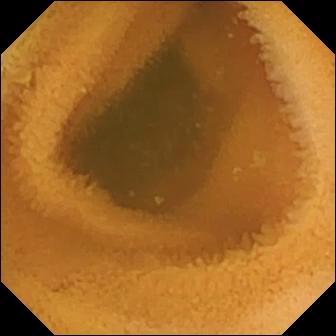Small-bowel capsule endoscopy. Observation: normal clean mucosa.